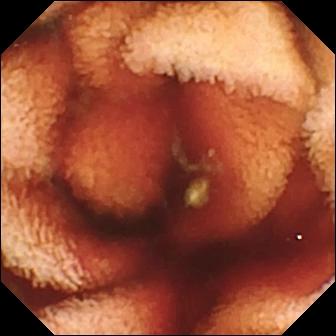modality: small-bowel capsule endoscopy
impression: fresh blood in the lumen